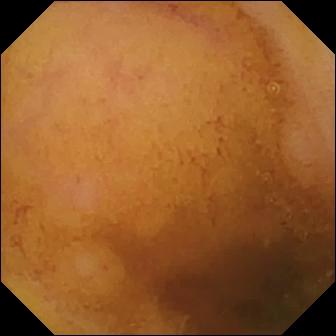PROCEDURE: Wireless capsule endoscopy.
FINDINGS: Normal clean mucosa.